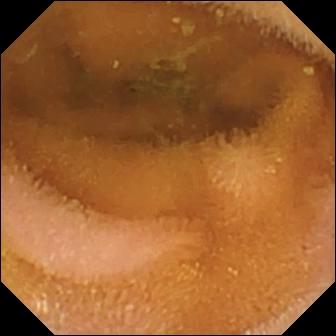PROCEDURE: Capsule endoscopy.
FINDINGS: Normal clean mucosa.